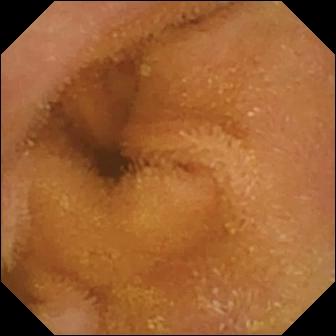Normal clean mucosa.